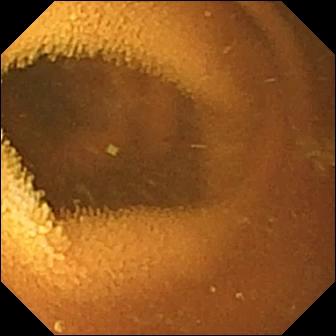{"modality": "WCE", "segment": "small bowel", "category": "luminal finding", "finding": "normal clean mucosa"}